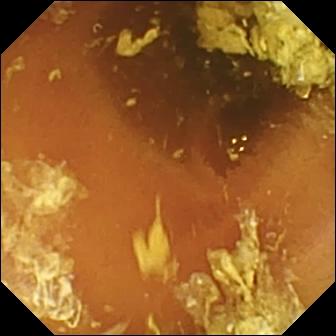This video capsule endoscopy image of the small bowel shows normal clean mucosa.